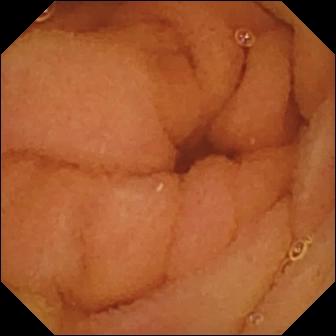PROCEDURE: VCE.
SEGMENT: Small bowel.
FINDINGS: Normal clean mucosa.